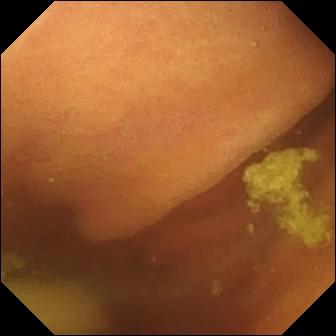modality: WCE | observation: foreign body (e.g. retained capsule, tablet residue)